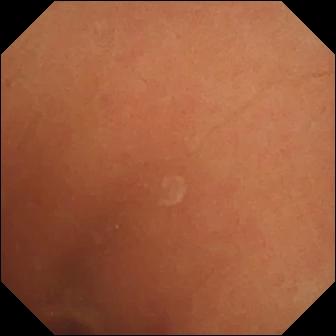- modality: capsule endoscopy
- label: normal clean mucosa